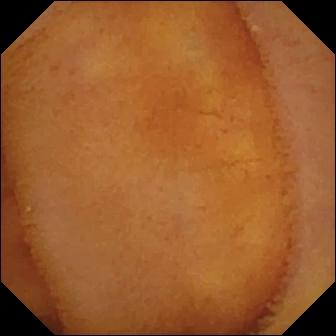{"modality": "capsule endoscopy", "finding": "normal clean mucosa"}